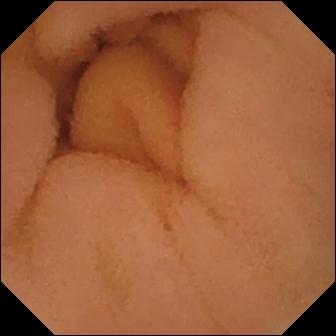- modality: video capsule endoscopy
- finding: normal clean mucosa